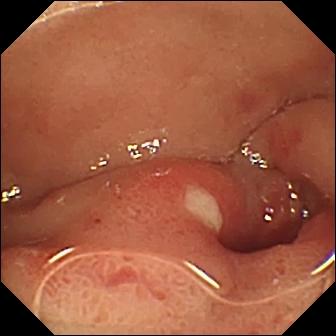Ulcer — WCE view.